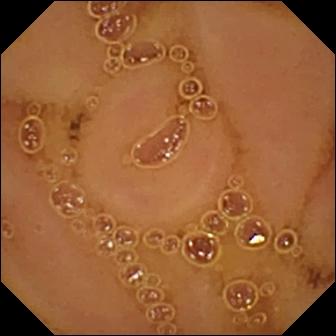{"modality": "capsule endoscopy", "segment": "small intestine", "category": "luminal finding", "finding": "normal clean mucosa"}